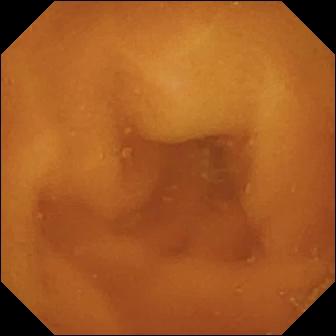Capsule endoscopy — normal clean mucosa.